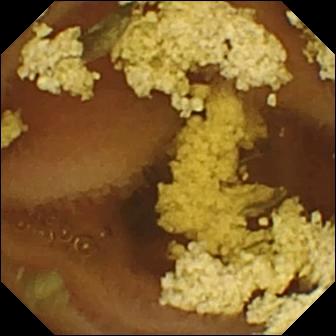Video capsule endoscopy view, 336×336. Normal clean mucosa.